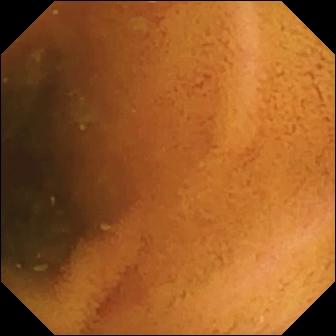VCE view (small bowel). Normal clean mucosa.